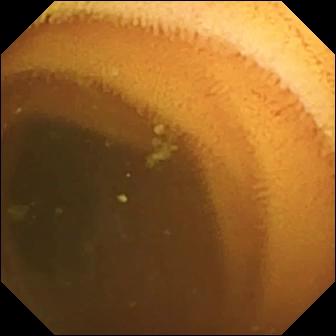Q: What does this capsule endoscopy frame of the small bowel show?
A: Normal clean mucosa.